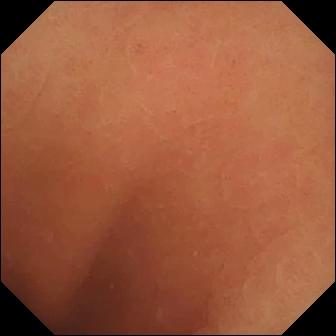Wireless capsule endoscopy. Label: normal clean mucosa.